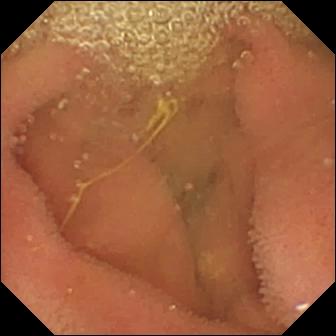Capsule endoscopy frame, 336×336. Lymphangiectasia.